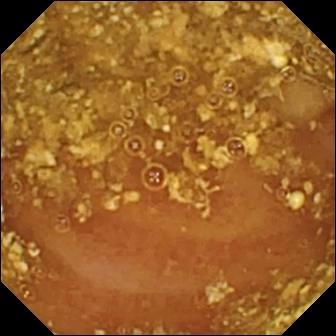Small-bowel capsule endoscopy — reduced mucosal view (content or bubbles obscuring the mucosa).